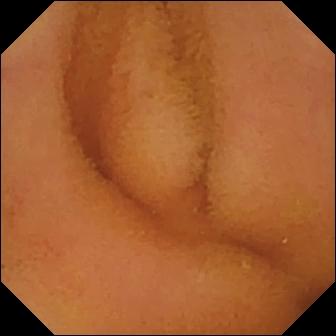Capsule endoscopy view
Observation: normal clean mucosa